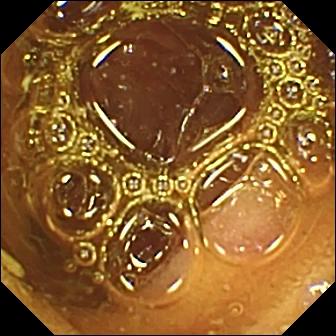modality: wireless capsule endoscopy | segment: small intestine | category: luminal finding | observation: normal clean mucosa